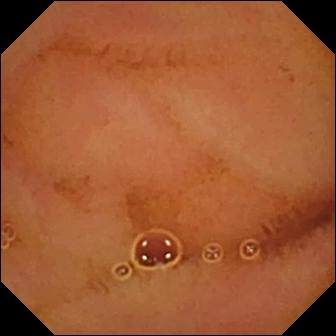Normal clean mucosa — capsule endoscopy image of the small intestine.